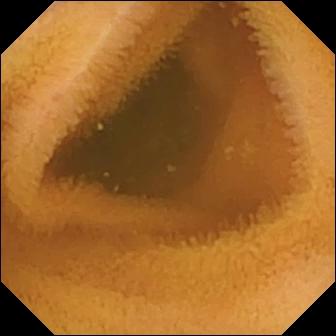- modality: WCE
- impression: normal clean mucosa